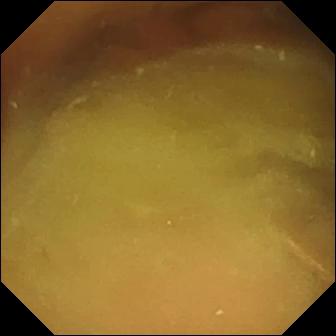PROCEDURE: Small-bowel capsule endoscopy.
FINDINGS: Normal clean mucosa.